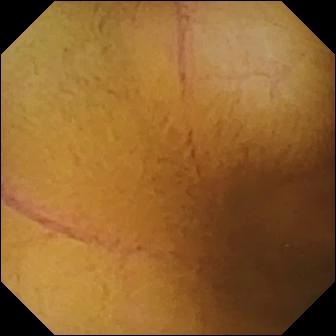modality: wireless capsule endoscopy
segment: small bowel
category: luminal finding
observation: normal clean mucosa